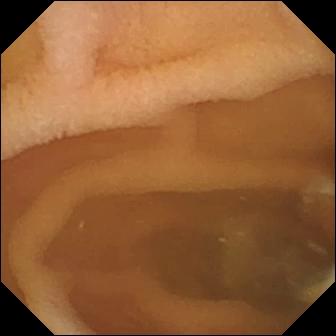This wireless capsule endoscopy image was taken in the pylorus region (the junction between the stomach and the small bowel).